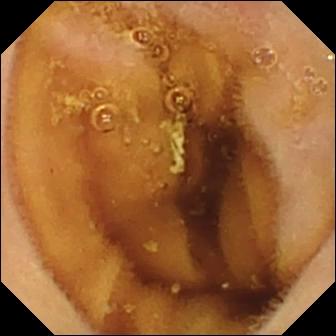{"modality": "wireless capsule endoscopy", "segment": "small intestine", "finding": "normal clean mucosa"}